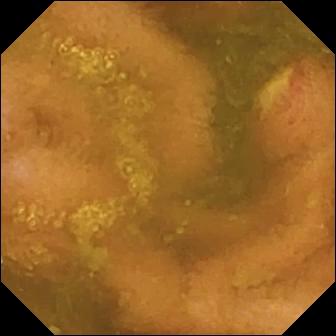Video capsule endoscopy — ulcer.